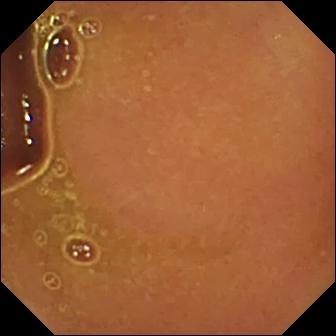This small-bowel capsule endoscopy view shows normal clean mucosa.